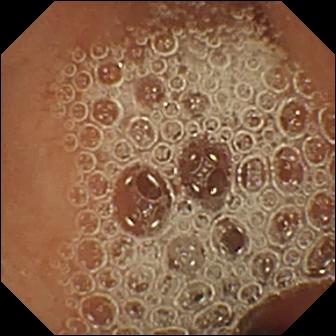WCE — normal clean mucosa.